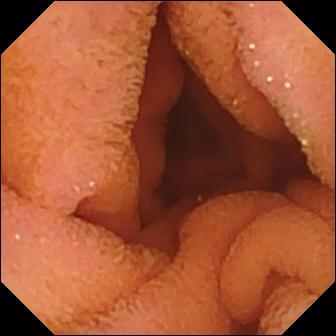Q: What does this WCE still show?
A: Normal clean mucosa.